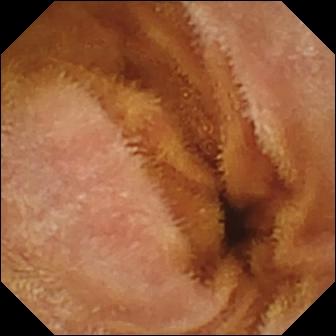Video capsule endoscopy still of the small bowel showing normal clean mucosa.